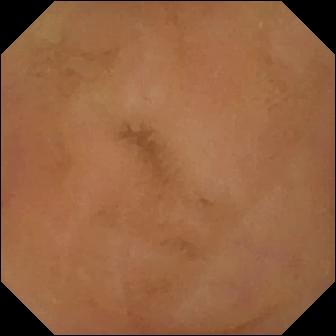Normal clean mucosa — video capsule endoscopy view.